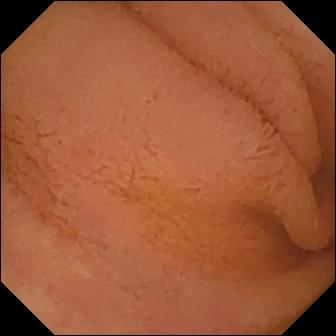modality: capsule endoscopy
segment: small intestine
label: normal clean mucosa